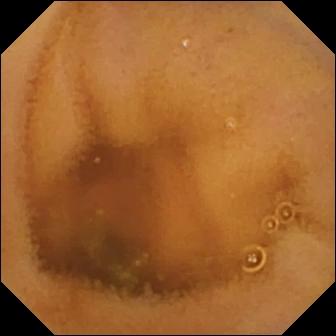PROCEDURE: Wireless capsule endoscopy.
SEGMENT: Small bowel.
FINDINGS: Normal clean mucosa.